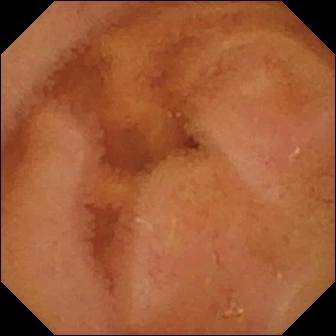Q: What does this VCE view of the small bowel show?
A: Normal clean mucosa.